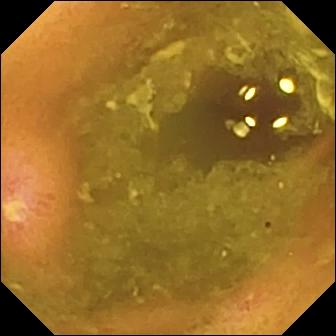Wireless capsule endoscopy frame showing ulcer.